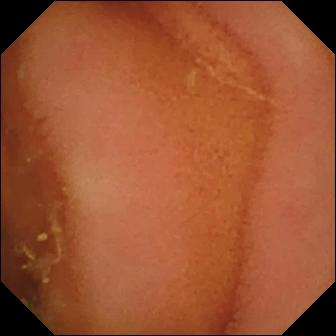modality: wireless capsule endoscopy; segment: small intestine; category: luminal finding; label: normal clean mucosa